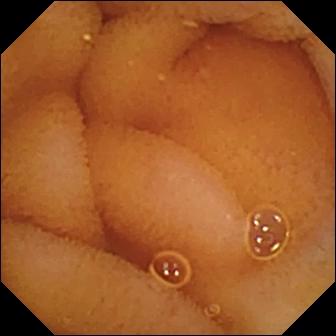Video capsule endoscopy still (small intestine). Normal clean mucosa.